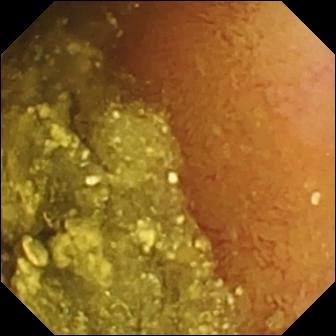{"modality": "capsule endoscopy", "segment": "small bowel", "category": "luminal finding", "finding": "normal clean mucosa"}